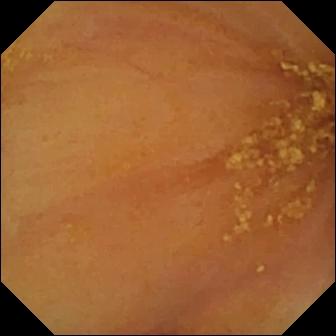- modality: wireless capsule endoscopy
- video segment: ileo-cecal valve region (where the capsule passes from the small bowel into the large bowel)